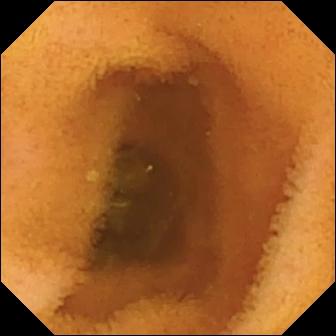This VCE image shows normal clean mucosa.